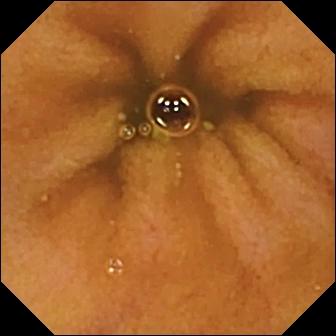{"modality": "WCE", "segment": "small bowel", "finding": "normal clean mucosa"}